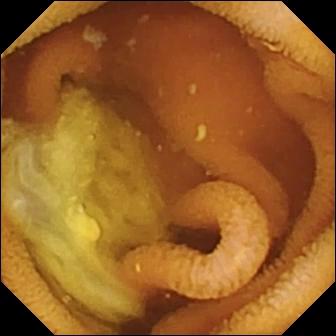- modality: video capsule endoscopy
- observation: normal clean mucosa